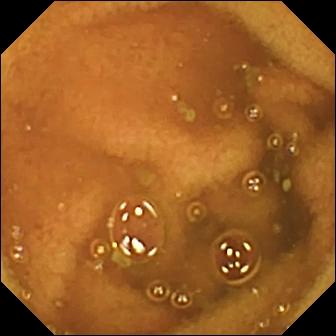This capsule endoscopy frame shows normal clean mucosa.